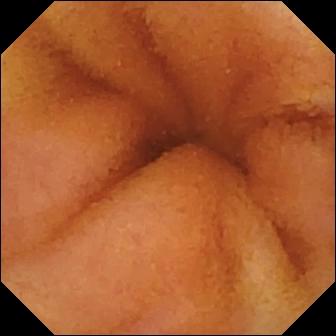Capsule endoscopy. Luminal finding. Label: normal clean mucosa.